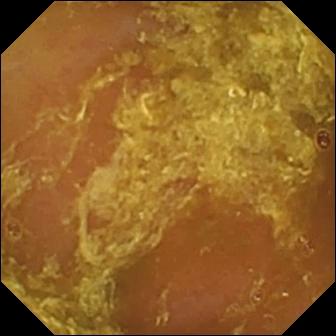Small-bowel capsule endoscopy — reduced mucosal view (content or bubbles obscuring the mucosa).